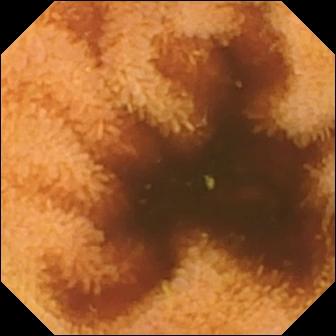Wireless capsule endoscopy image (small intestine). Normal clean mucosa.